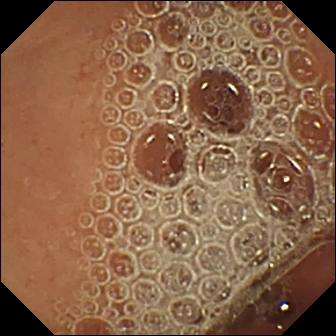PROCEDURE: Video capsule endoscopy.
FINDINGS: Normal clean mucosa.